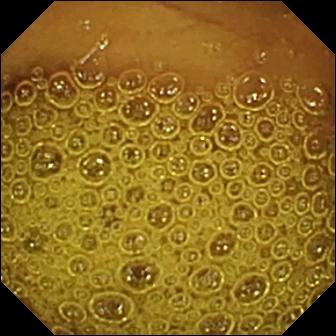Normal clean mucosa — WCE still.